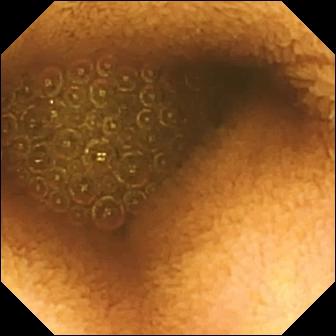This wireless capsule endoscopy snapshot of the small intestine shows reduced mucosal view (content or bubbles obscuring the mucosa).